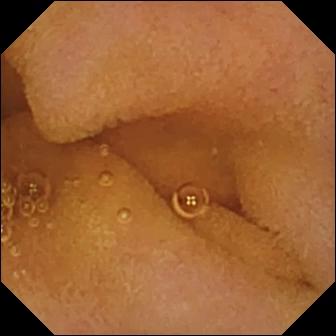Normal clean mucosa — capsule endoscopy snapshot.